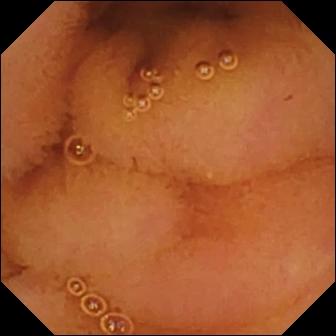Capsule endoscopy still (small bowel). Normal clean mucosa.